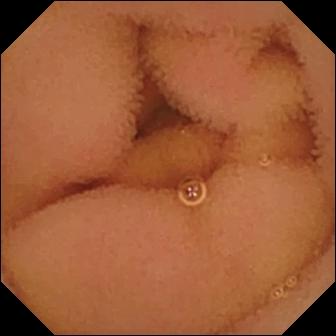Normal clean mucosa.